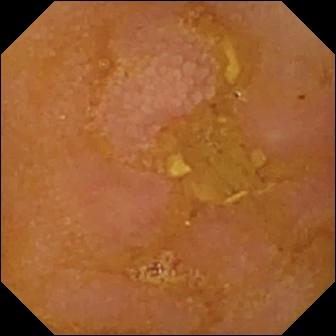WCE — reduced mucosal view (content or bubbles obscuring the mucosa).